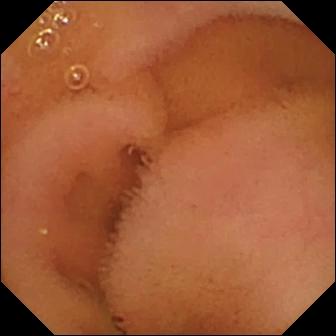{"modality": "VCE", "segment": "small bowel", "finding": "normal clean mucosa"}